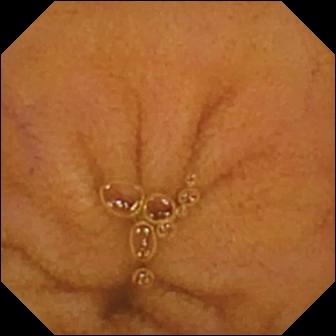Wireless capsule endoscopy. Small bowel. Impression: normal clean mucosa.